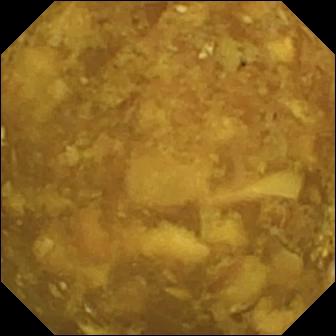- modality: wireless capsule endoscopy
- observation: reduced mucosal view (content or bubbles obscuring the mucosa)